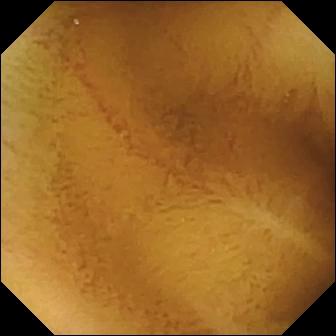Q: What does this video capsule endoscopy snapshot show?
A: Normal clean mucosa.